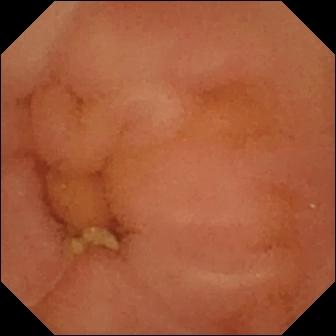Capsule endoscopy view
Finding: normal clean mucosa